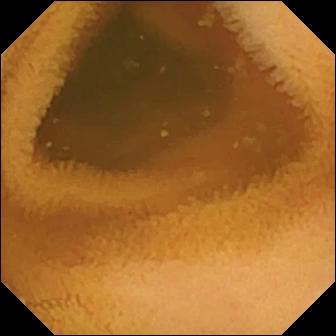{"modality": "wireless capsule endoscopy", "finding": "normal clean mucosa"}